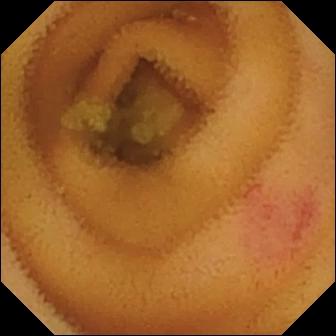Q: What does this wireless capsule endoscopy snapshot show?
A: Angiectasia.